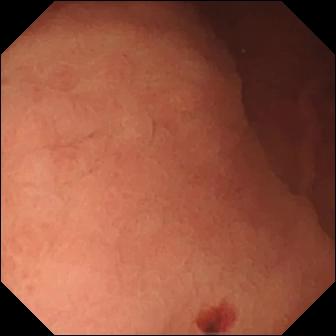modality: small-bowel capsule endoscopy
observation: angiectasia